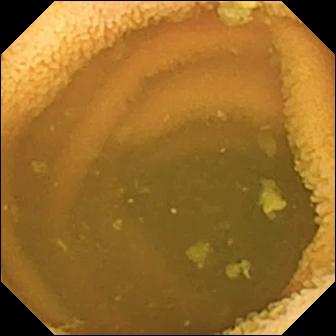Q: What does this wireless capsule endoscopy frame of the small intestine show?
A: Normal clean mucosa.